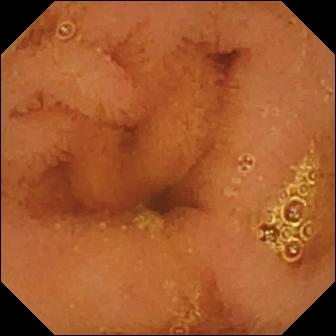{"modality": "capsule endoscopy", "category": "luminal finding", "finding": "normal clean mucosa"}